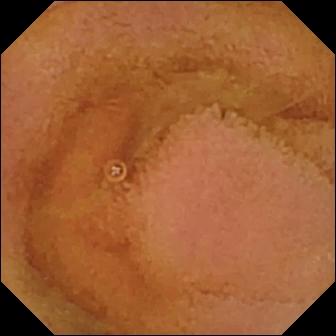Wireless capsule endoscopy frame of the small bowel showing normal clean mucosa.